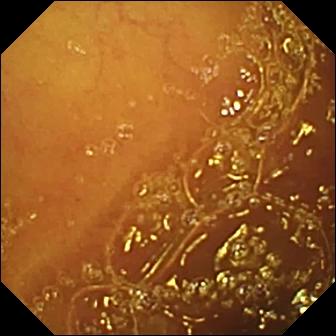Q: What does this video capsule endoscopy still show?
A: Normal clean mucosa.